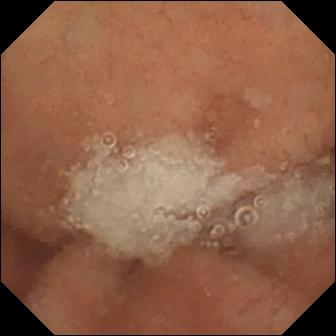Normal clean mucosa — VCE image.